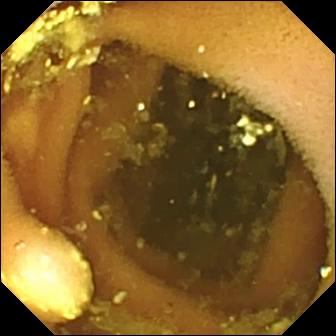{"modality": "VCE", "category": "luminal finding", "finding": "lymphangiectasia"}